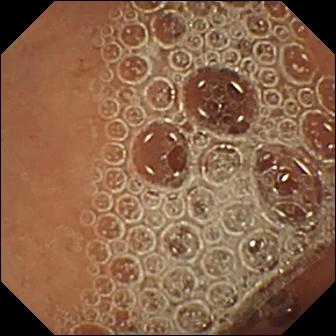PROCEDURE: Wireless capsule endoscopy.
FINDINGS: Normal clean mucosa.